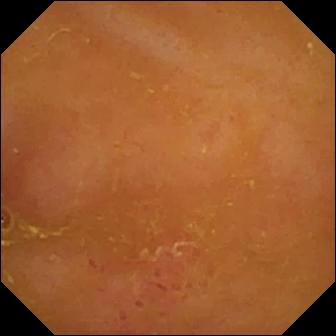WCE. Label: erythema (mucosal redness).